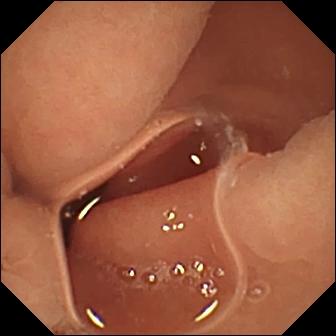Q: What does this WCE still show?
A: Normal clean mucosa.